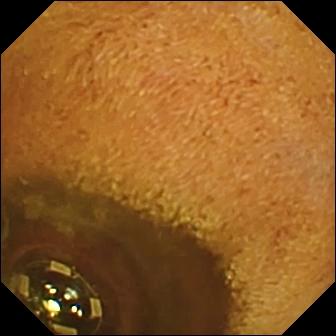This VCE still shows foreign body (e.g. retained capsule, tablet residue).